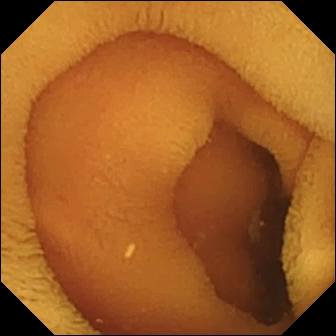modality: small-bowel capsule endoscopy
segment: small bowel
category: luminal finding
finding: normal clean mucosa